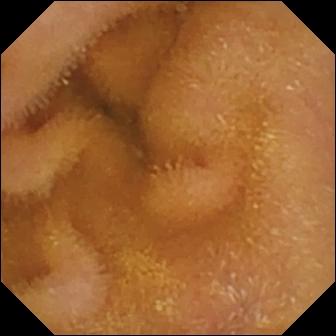VCE — normal clean mucosa.